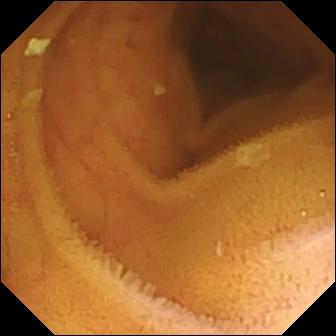This small-bowel capsule endoscopy snapshot of the small bowel shows normal clean mucosa.